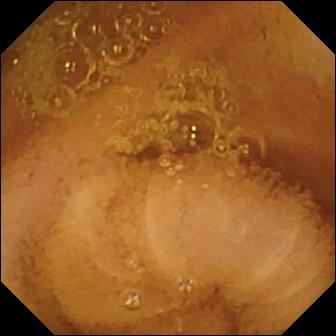Wireless capsule endoscopy frame, small intestine
Impression: normal clean mucosa